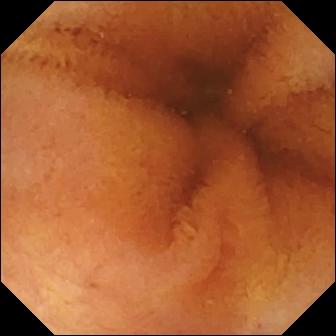Normal clean mucosa.